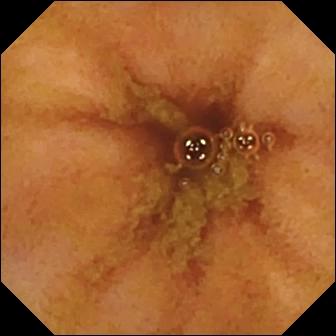- modality: VCE
- label: ileo-cecal valve region